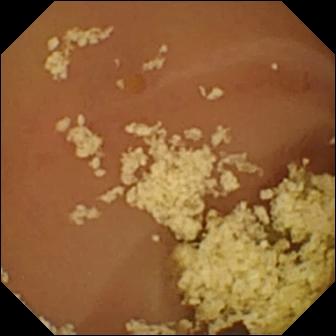VCE. Luminal finding. Observation: normal clean mucosa.